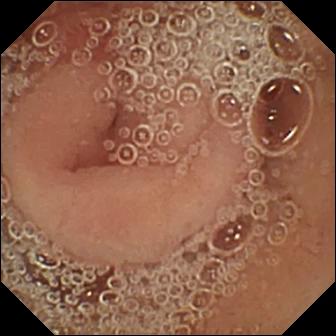Capsule endoscopy — pylorus region (where the capsule passes from the stomach into the small bowel).